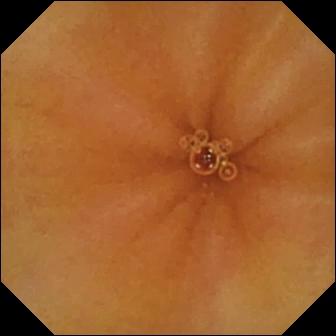WCE snapshot, small bowel
Label: normal clean mucosa